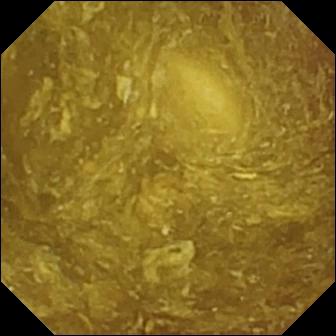Q: What does this small-bowel capsule endoscopy snapshot of the small intestine show?
A: Reduced mucosal view (content or bubbles obscuring the mucosa).